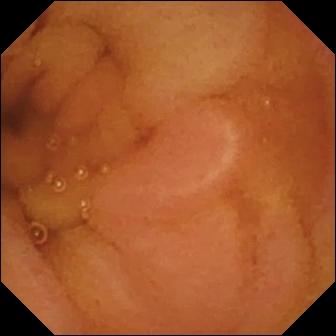Video capsule endoscopy still of the small intestine showing normal clean mucosa.